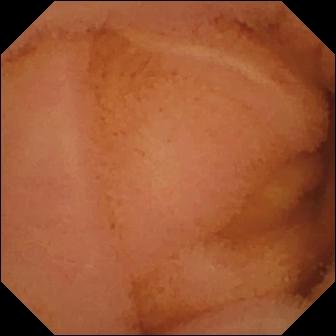Capsule endoscopy snapshot
Finding: normal clean mucosa